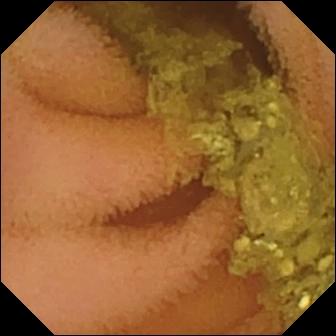Small-bowel capsule endoscopy view. Normal clean mucosa.